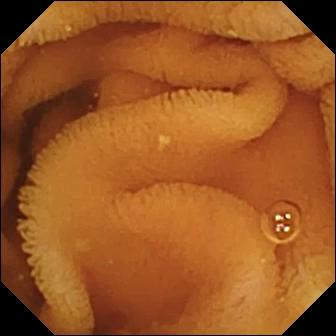Q: What does this WCE view of the small bowel show?
A: Normal clean mucosa.